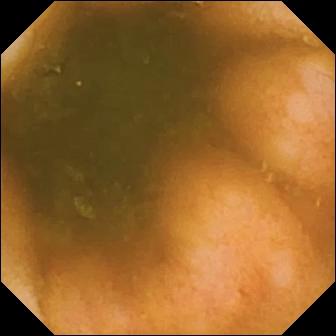- modality: video capsule endoscopy
- category: anatomical landmark
- location: ileo-cecal valve region